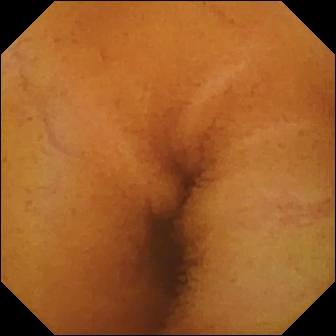Capsule endoscopy. Luminal finding. Impression: normal clean mucosa.